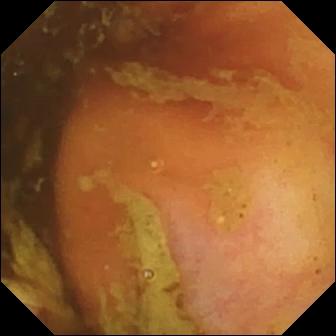Q: Where in the digestive tract was this small-bowel capsule endoscopy view taken?
A: Ileo-cecal valve region (the transition from the small bowel to the large bowel).